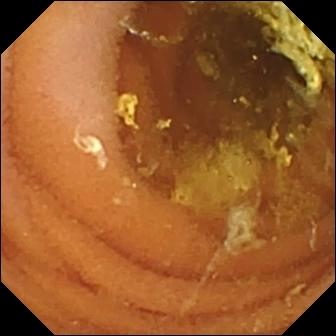- modality: capsule endoscopy
- segment: small intestine
- category: luminal finding
- label: normal clean mucosa